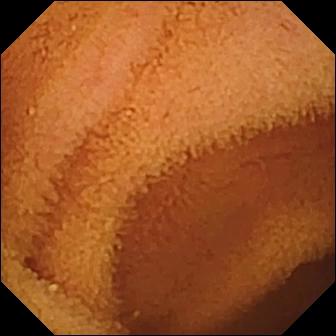This small-bowel capsule endoscopy view shows normal clean mucosa.